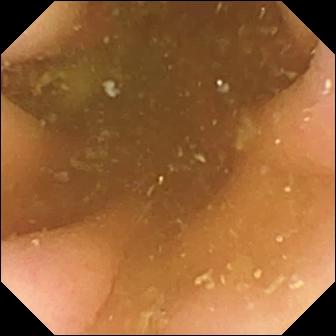modality: video capsule endoscopy; category: anatomical landmark; location: pylorus region (the junction between the stomach and the small bowel)